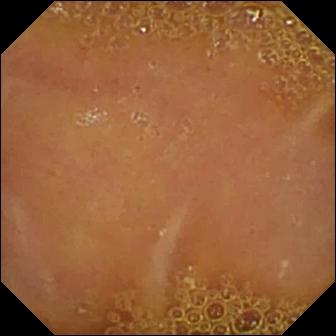Capsule endoscopy still
Finding: normal clean mucosa